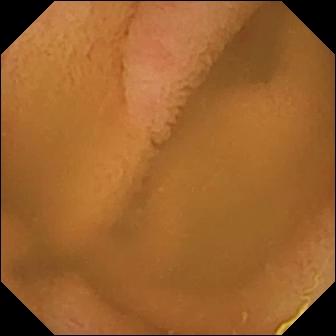Small-bowel capsule endoscopy. Small bowel. Finding: normal clean mucosa.